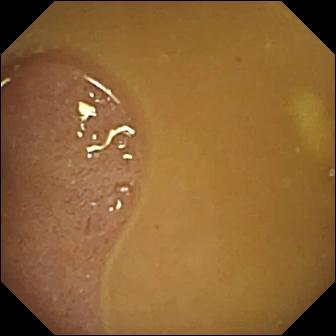VCE snapshot taken in the ileo-cecal valve region (the transition from the small bowel to the large bowel).